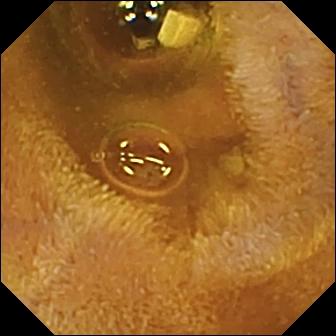PROCEDURE: Wireless capsule endoscopy.
FINDINGS: Foreign body (e.g. retained capsule, tablet residue).